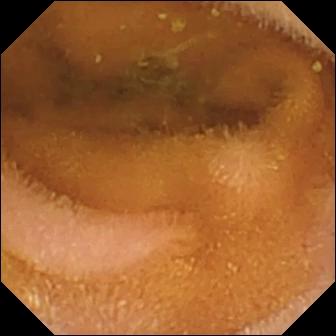modality: video capsule endoscopy
segment: small bowel
category: luminal finding
label: normal clean mucosa